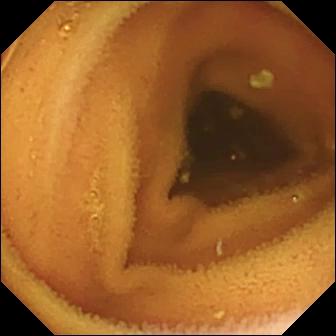modality: capsule endoscopy | impression: normal clean mucosa